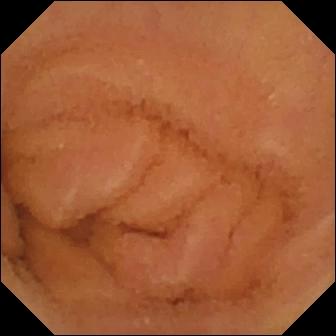PROCEDURE: Video capsule endoscopy.
SEGMENT: Small intestine.
FINDINGS: Normal clean mucosa.